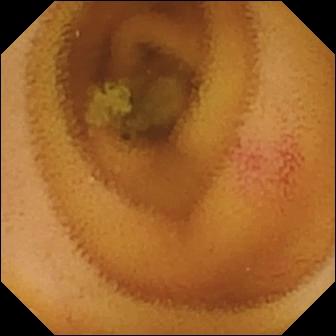This small-bowel capsule endoscopy still shows angiectasia.